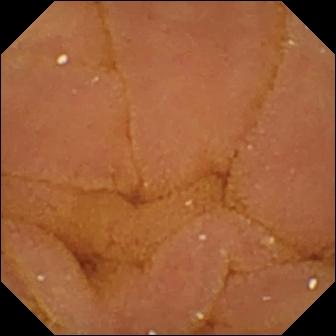Small-bowel capsule endoscopy — normal clean mucosa.